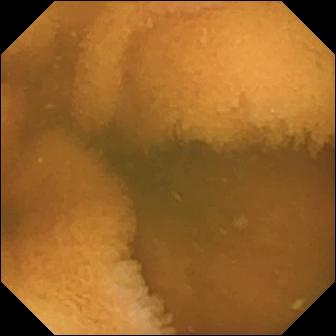Normal clean mucosa — video capsule endoscopy snapshot.